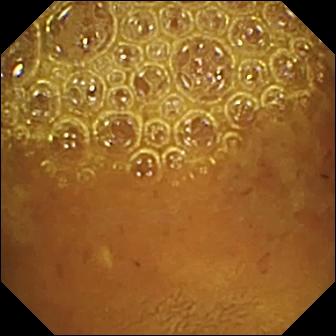Reduced mucosal view (content or bubbles obscuring the mucosa).